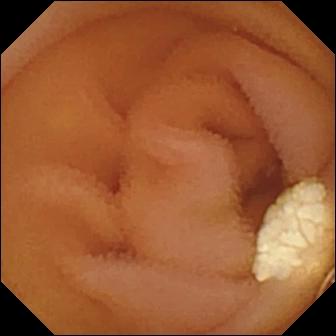{"modality": "video capsule endoscopy", "category": "luminal finding", "finding": "lymphangiectasia"}